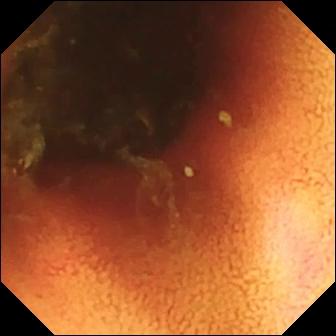VCE image
Video segment: ileo-cecal valve region